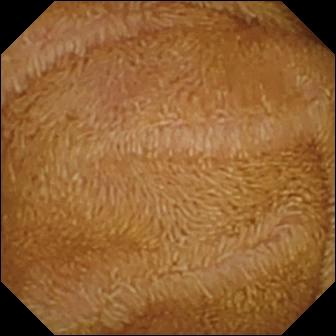VCE frame
Observation: normal clean mucosa